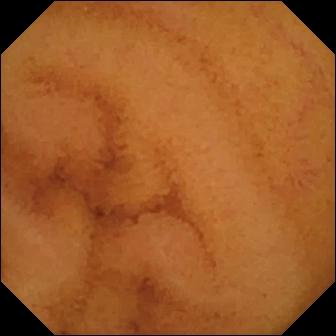Normal clean mucosa (336×336).